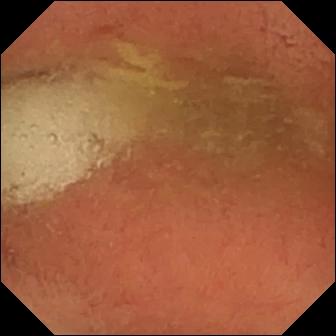Video capsule endoscopy frame. Taken in the pylorus region (where the capsule passes from the stomach into the small bowel).